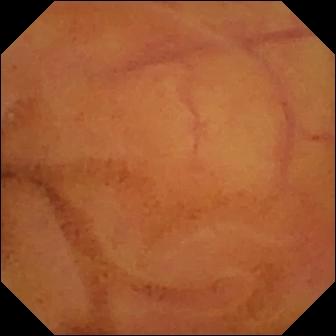Normal clean mucosa — small-bowel capsule endoscopy frame.